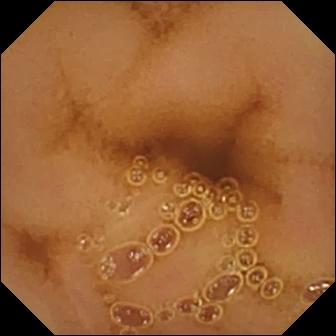PROCEDURE: Capsule endoscopy.
SEGMENT: Small bowel.
FINDINGS: Normal clean mucosa.